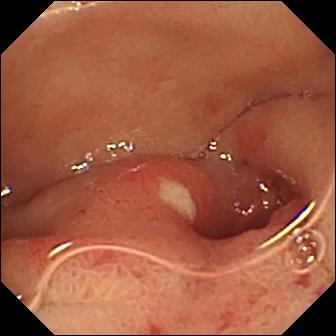Ulcer — wireless capsule endoscopy view.